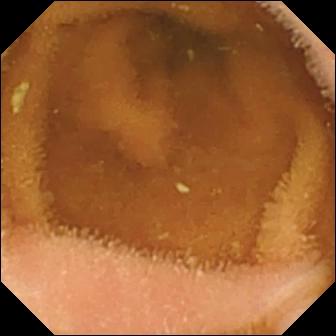Normal clean mucosa — VCE snapshot.